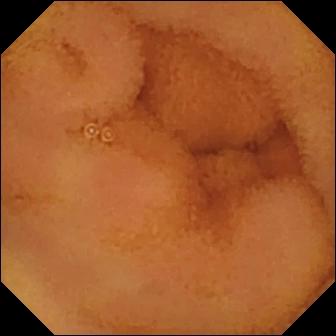Wireless capsule endoscopy. Small intestine. Luminal finding. Observation: normal clean mucosa.